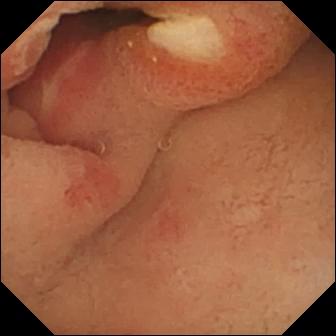VCE. Observation: ulcer.